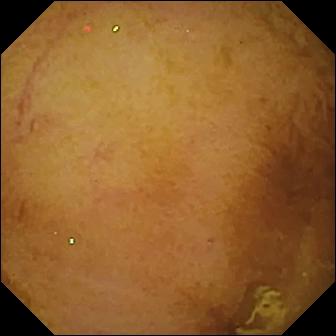{"modality": "WCE", "category": "luminal finding", "finding": "normal clean mucosa"}